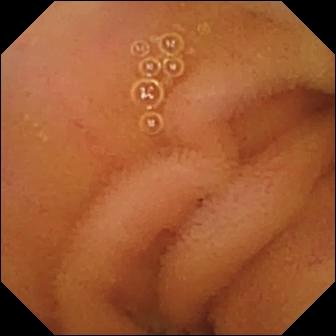PROCEDURE: Small-bowel capsule endoscopy.
SEGMENT: Small intestine.
FINDINGS: Normal clean mucosa.